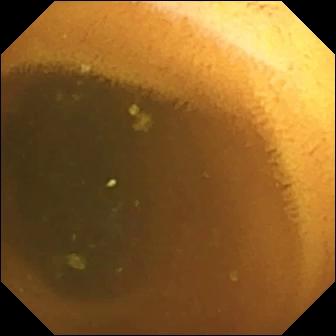Video capsule endoscopy frame. Normal clean mucosa.